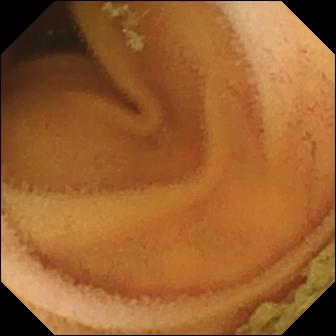Normal clean mucosa — capsule endoscopy snapshot of the small intestine.